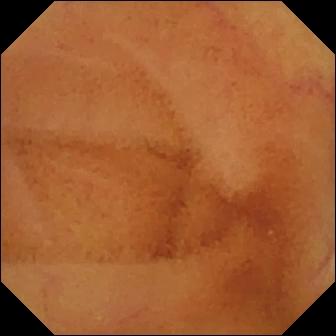Video capsule endoscopy still, small intestine
Finding: normal clean mucosa